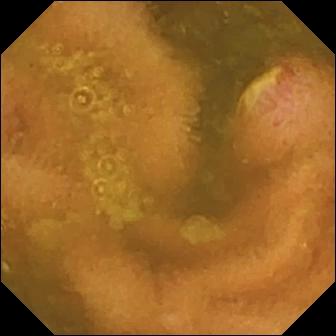Capsule endoscopy — ulcer.